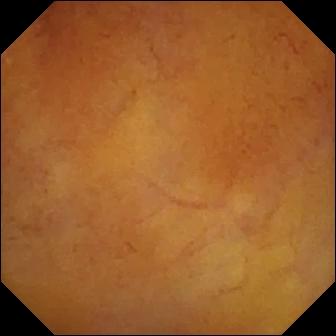This small-bowel capsule endoscopy view shows normal clean mucosa.